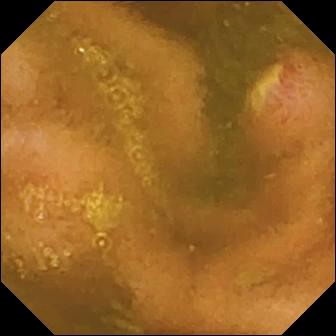Small-bowel capsule endoscopy snapshot. Ulcer.